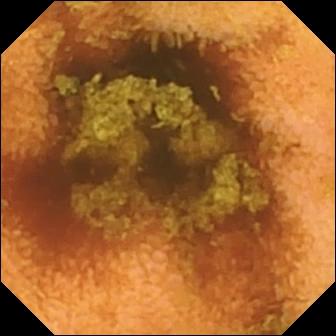modality: small-bowel capsule endoscopy
category: luminal finding
impression: normal clean mucosa